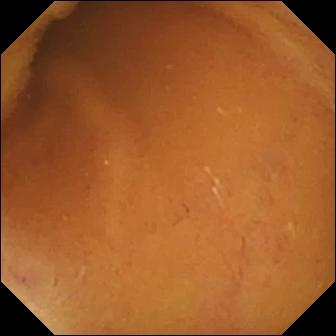VCE view (small bowel). Normal clean mucosa.